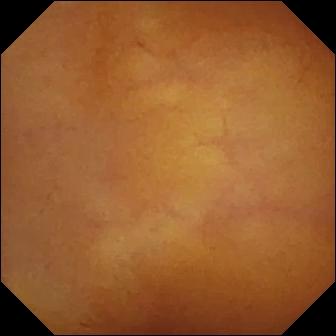modality: WCE | segment: small intestine | observation: normal clean mucosa